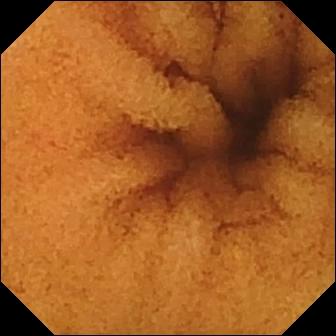PROCEDURE: Wireless capsule endoscopy.
FINDINGS: Normal clean mucosa.